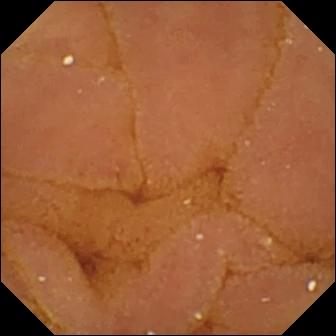Wireless capsule endoscopy — normal clean mucosa.